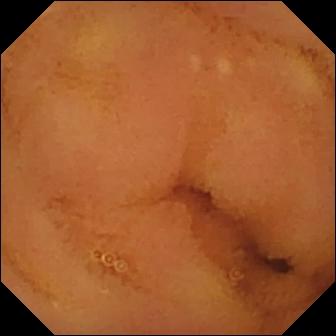Q: What does this wireless capsule endoscopy image of the small intestine show?
A: Normal clean mucosa.